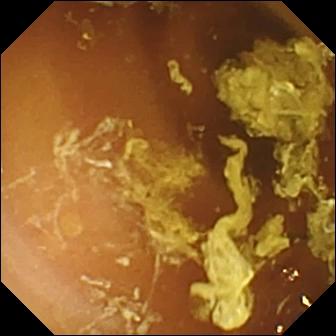{"modality": "small-bowel capsule endoscopy", "segment": "small bowel", "finding": "normal clean mucosa"}